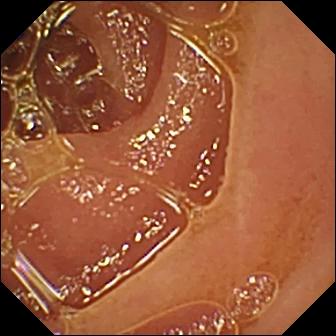- modality: capsule endoscopy
- segment: small bowel
- category: luminal finding
- impression: normal clean mucosa